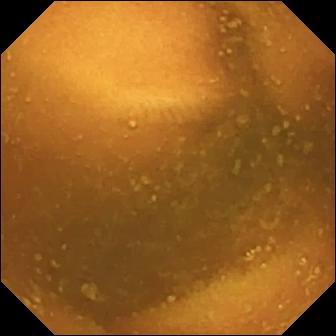PROCEDURE: Wireless capsule endoscopy.
SEGMENT: Small bowel.
FINDINGS: Normal clean mucosa.